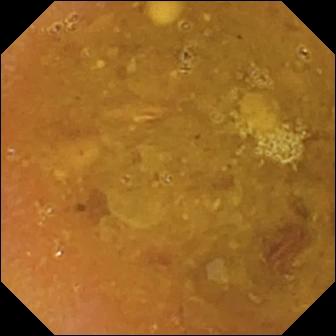Reduced mucosal view (content or bubbles obscuring the mucosa).